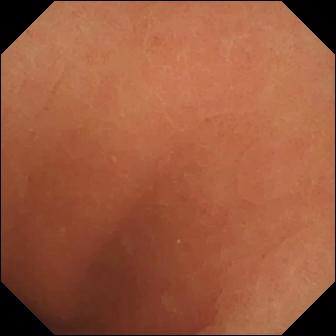Normal clean mucosa — WCE snapshot.